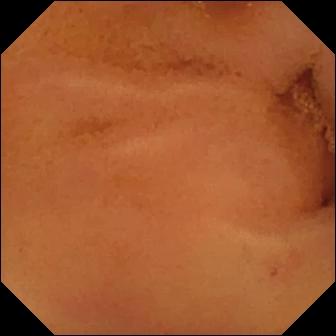modality: small-bowel capsule endoscopy
category: luminal finding
impression: normal clean mucosa